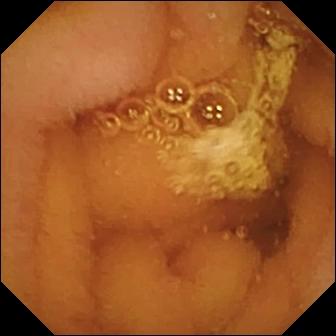modality: VCE | segment: small intestine | impression: normal clean mucosa